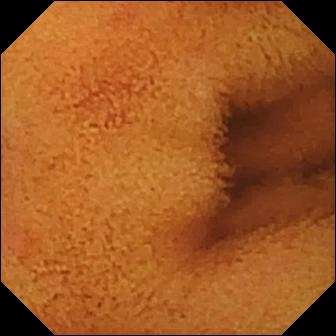Q: What does this VCE image of the small intestine show?
A: Normal clean mucosa.